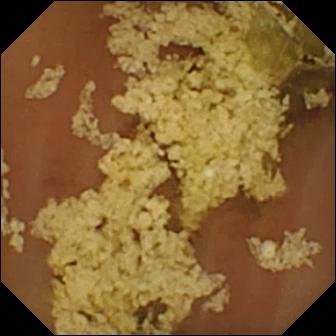Video capsule endoscopy snapshot. Normal clean mucosa.